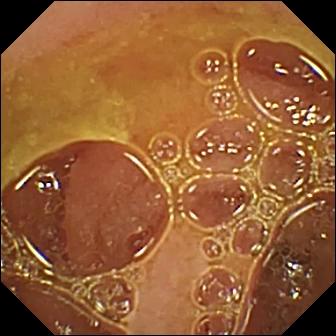VCE — normal clean mucosa.